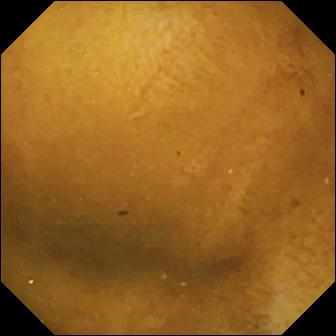modality: wireless capsule endoscopy | observation: normal clean mucosa